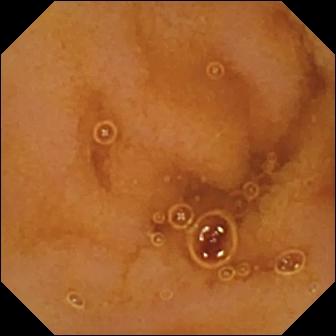Wireless capsule endoscopy still, 336×336. Normal clean mucosa.